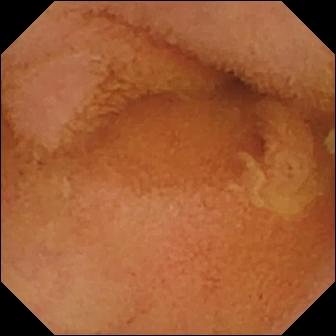Small-bowel capsule endoscopy. Impression: normal clean mucosa.